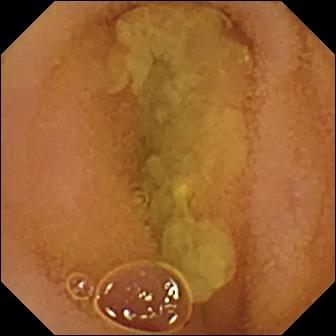Small-bowel capsule endoscopy still. Normal clean mucosa.